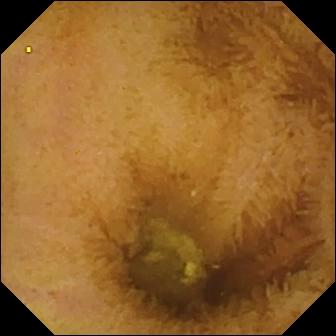{"modality": "small-bowel capsule endoscopy", "segment": "small bowel", "finding": "normal clean mucosa"}